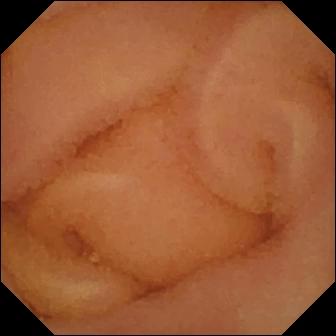Video capsule endoscopy — normal clean mucosa.